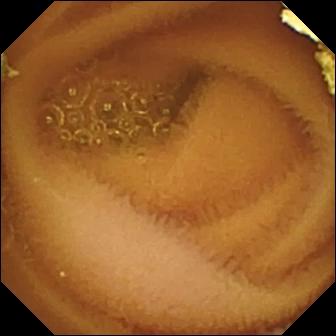PROCEDURE: Small-bowel capsule endoscopy.
SEGMENT: Small intestine.
FINDINGS: Normal clean mucosa.